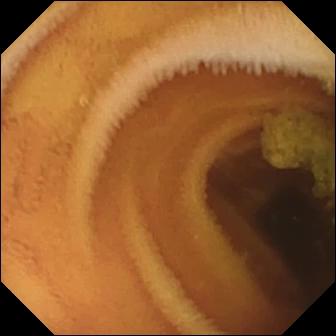Capsule endoscopy snapshot (small intestine). Normal clean mucosa.